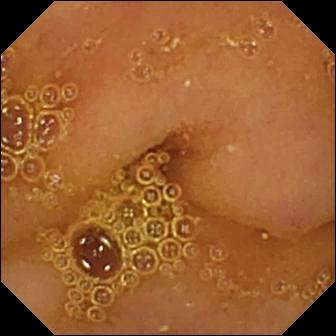Normal clean mucosa — small-bowel capsule endoscopy view of the small intestine.